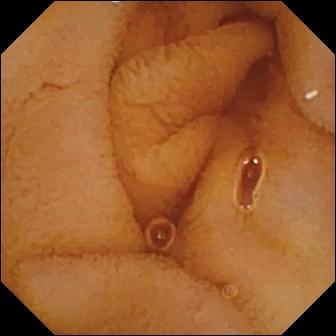Small-bowel capsule endoscopy — normal clean mucosa.